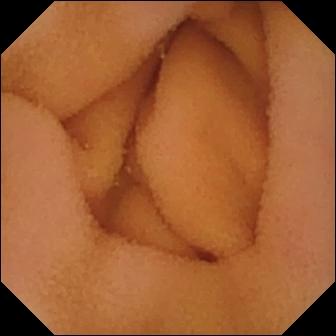PROCEDURE: Small-bowel capsule endoscopy.
SEGMENT: Small intestine.
FINDINGS: Normal clean mucosa.